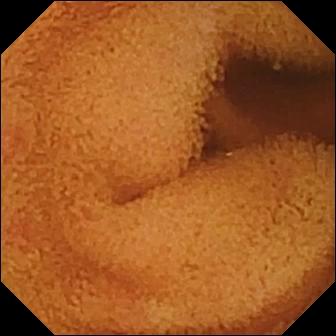Video capsule endoscopy — normal clean mucosa.